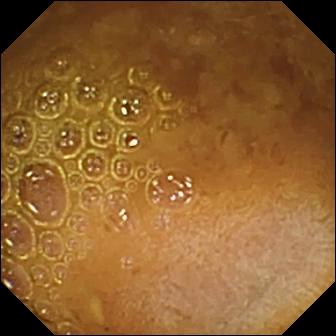Reduced mucosal view (content or bubbles obscuring the mucosa).